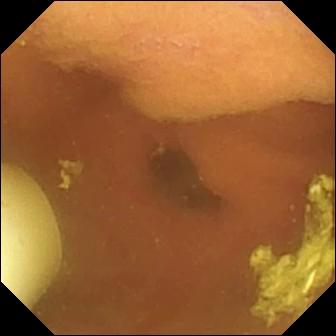Foreign body (e.g. retained capsule, tablet residue) — small-bowel capsule endoscopy snapshot.